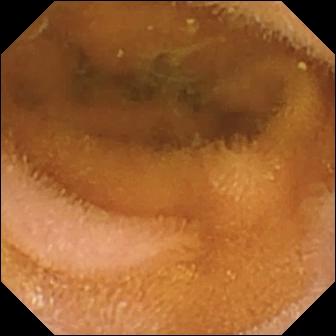VCE. Small bowel. Observation: normal clean mucosa.